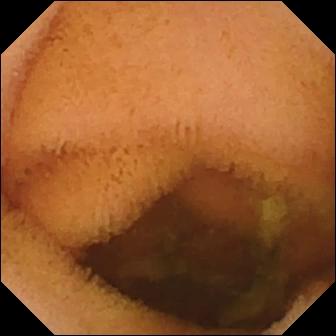Q: What does this small-bowel capsule endoscopy snapshot of the small bowel show?
A: Normal clean mucosa.